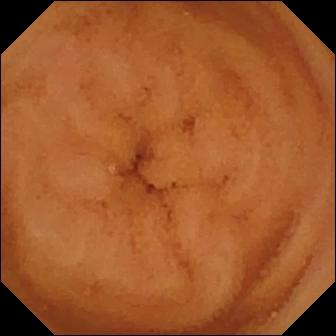{"modality": "capsule endoscopy", "finding": "normal clean mucosa"}